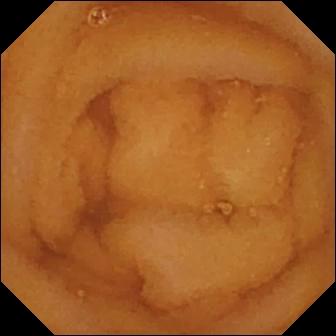Video capsule endoscopy. Impression: normal clean mucosa.